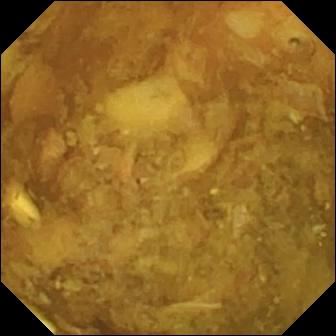VCE. Small intestine. Observation: reduced mucosal view (content or bubbles obscuring the mucosa).